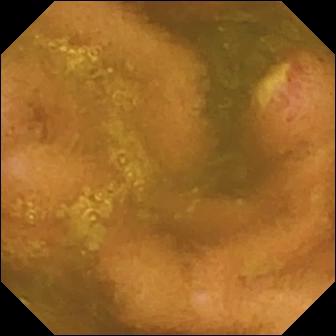Video capsule endoscopy — ulcer.